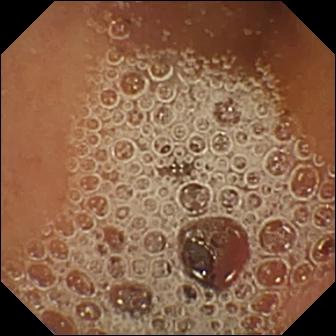This small-bowel capsule endoscopy still shows normal clean mucosa.